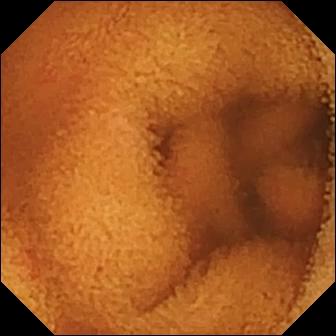modality: VCE; segment: small bowel; impression: normal clean mucosa